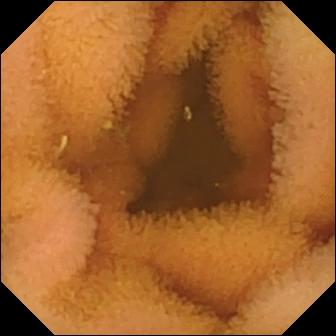- modality: VCE
- category: luminal finding
- finding: normal clean mucosa